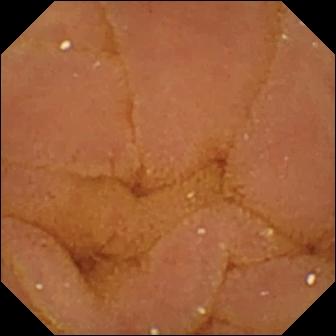Wireless capsule endoscopy view of the small intestine showing normal clean mucosa.